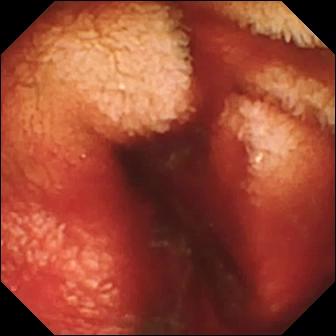Video capsule endoscopy — fresh blood in the lumen.